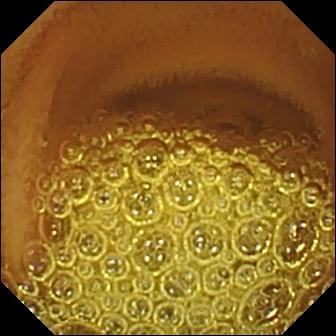- modality: wireless capsule endoscopy
- segment: small intestine
- label: normal clean mucosa